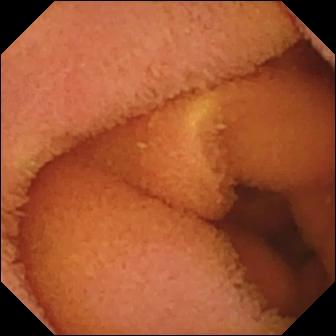Q: What does this small-bowel capsule endoscopy snapshot of the small bowel show?
A: Normal clean mucosa.